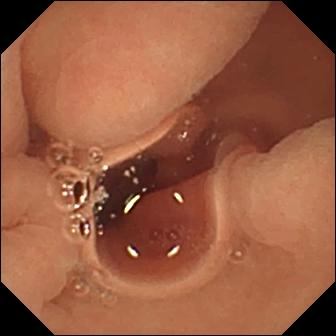Normal clean mucosa — VCE view.